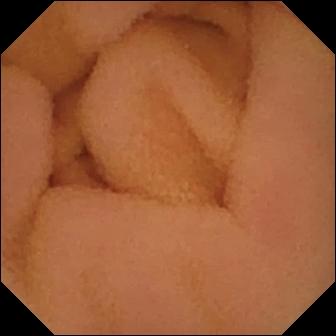PROCEDURE: WCE.
SEGMENT: Small intestine.
FINDINGS: Normal clean mucosa.